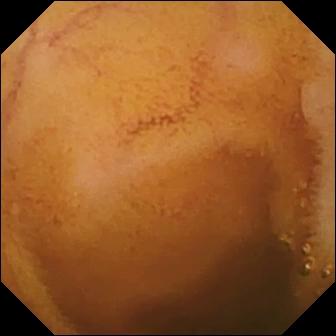This VCE frame of the small bowel shows normal clean mucosa.